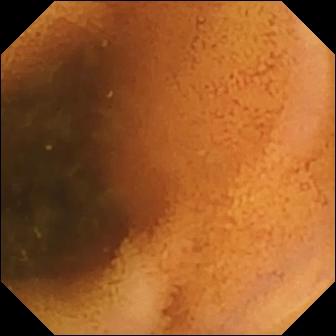{"modality": "capsule endoscopy", "finding": "normal clean mucosa"}